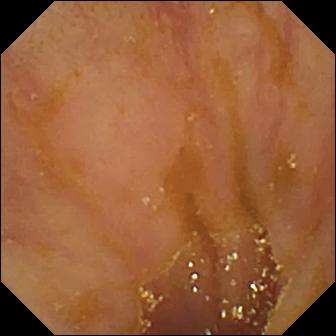Wireless capsule endoscopy. Near an anatomical landmark. Label: ileo-cecal valve region (the transition from the small bowel to the large bowel).